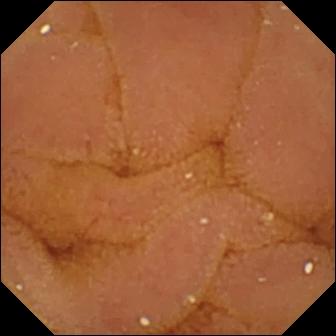Video capsule endoscopy snapshot of the small intestine showing normal clean mucosa.